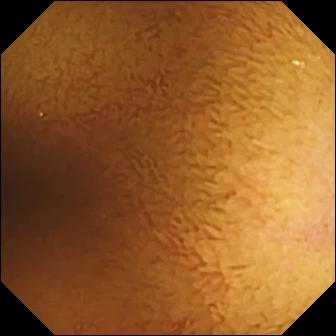Capsule endoscopy snapshot. Normal clean mucosa.